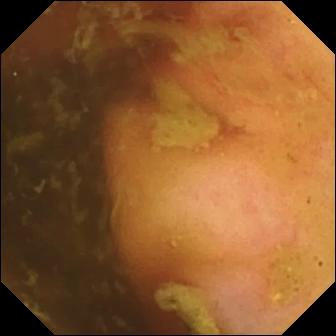WCE view. Taken in the ileo-cecal valve region (where the capsule passes from the small bowel into the large bowel).